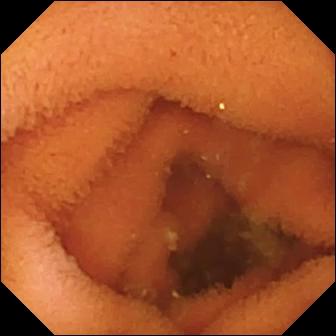{"modality": "capsule endoscopy", "segment": "small intestine", "category": "luminal finding", "finding": "normal clean mucosa"}